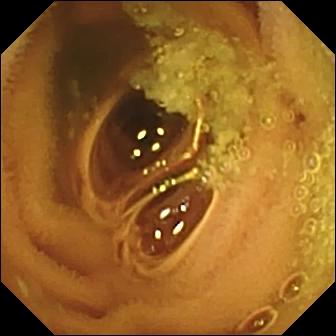Small-bowel capsule endoscopy image
Label: normal clean mucosa